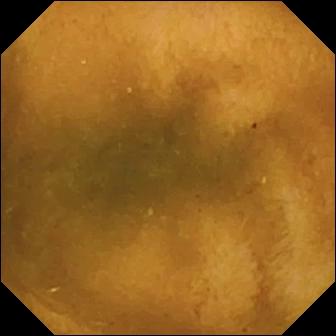Video capsule endoscopy view. Normal clean mucosa.